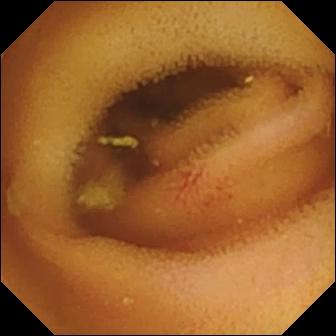Q: What does this small-bowel capsule endoscopy frame show?
A: Angiectasia.